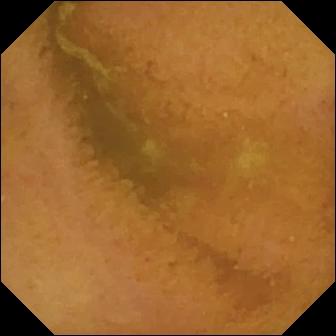WCE. Impression: normal clean mucosa.